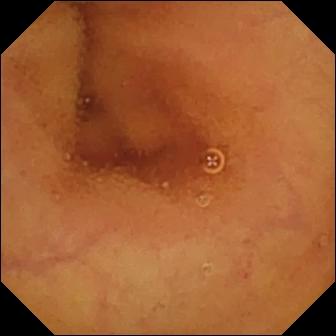Normal clean mucosa.